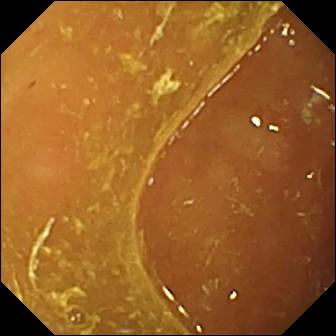Wireless capsule endoscopy still, 336×336. Taken in the ileo-cecal valve region (where the capsule passes from the small bowel into the large bowel).